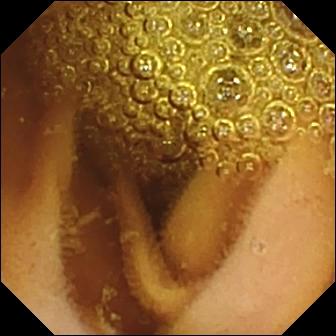Q: What does this video capsule endoscopy view of the small intestine show?
A: Normal clean mucosa.